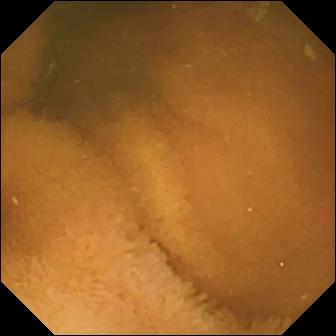- modality: capsule endoscopy
- category: luminal finding
- finding: normal clean mucosa